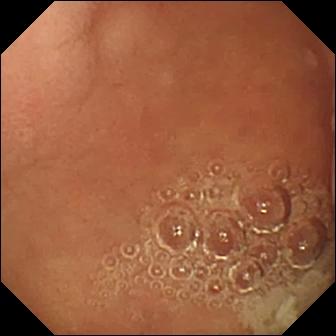PROCEDURE: VCE.
LOCATION: Pylorus region (where the capsule passes from the stomach into the small bowel).